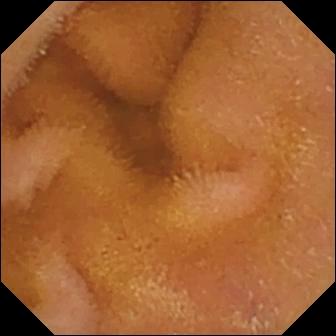{"modality": "VCE", "finding": "normal clean mucosa"}